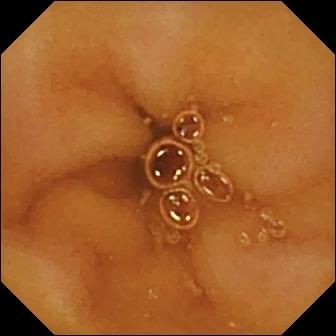WCE view of the small bowel showing normal clean mucosa.